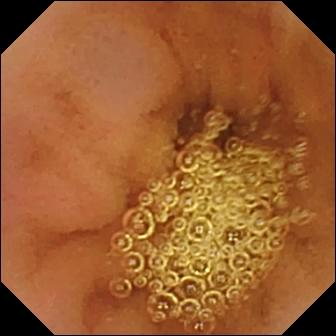Small-bowel capsule endoscopy snapshot (small bowel). Normal clean mucosa.